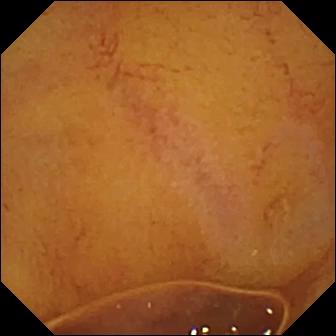modality: small-bowel capsule endoscopy | segment: small bowel | category: luminal finding | observation: normal clean mucosa